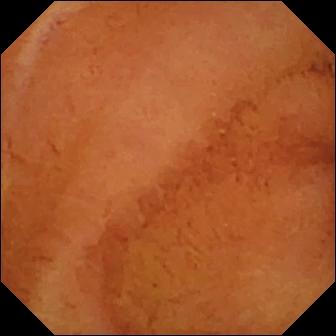Normal clean mucosa.